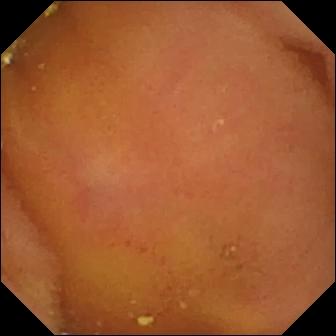Normal clean mucosa.